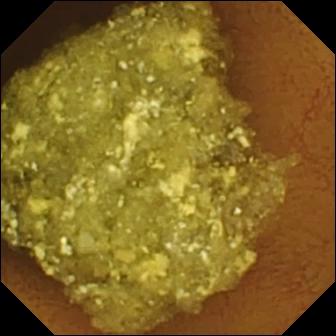{"modality": "wireless capsule endoscopy", "segment": "small bowel", "category": "luminal finding", "finding": "normal clean mucosa"}